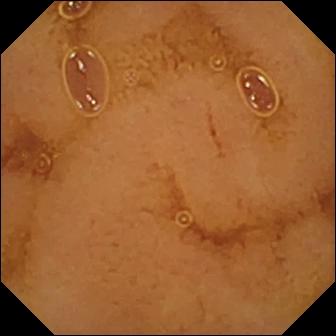Q: What does this video capsule endoscopy snapshot of the small bowel show?
A: Normal clean mucosa.